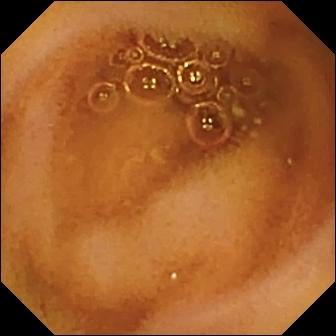WCE. Small bowel. Finding: normal clean mucosa.